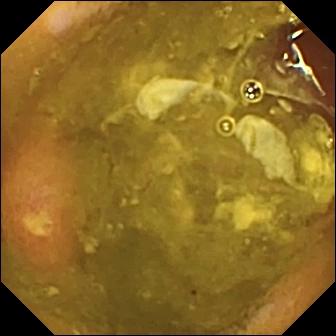modality: video capsule endoscopy; label: ulcer